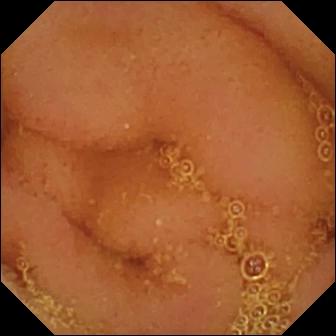Wireless capsule endoscopy frame showing normal clean mucosa.